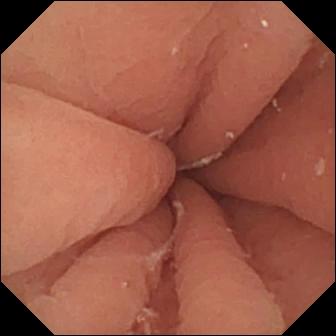Wireless capsule endoscopy — pylorus region (where the capsule passes from the stomach into the small bowel).